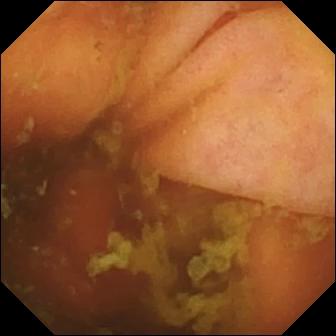This capsule endoscopy view was taken in the ileo-cecal valve region (where the capsule passes from the small bowel into the large bowel).